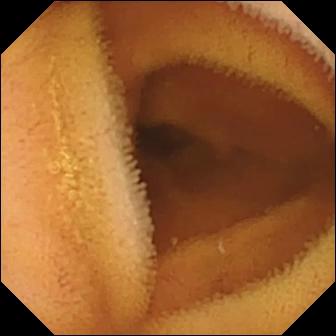{"modality": "small-bowel capsule endoscopy", "segment": "small intestine", "category": "luminal finding", "finding": "normal clean mucosa"}